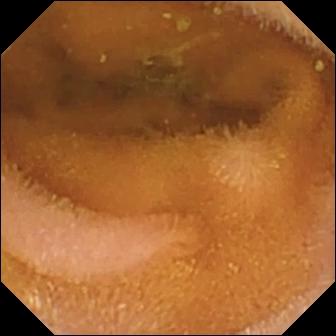modality: video capsule endoscopy | segment: small intestine | category: luminal finding | label: normal clean mucosa